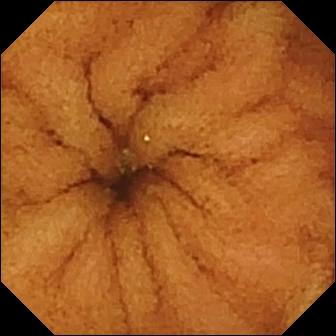{"modality": "video capsule endoscopy", "category": "luminal finding", "finding": "normal clean mucosa"}